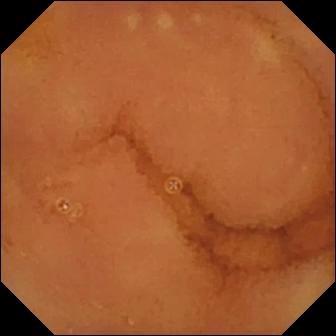VCE image (small bowel). Normal clean mucosa.